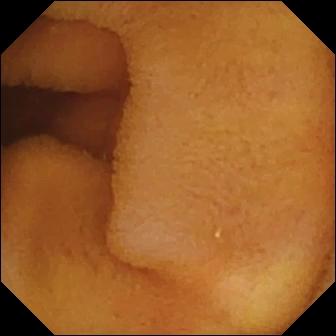WCE. Small intestine. Impression: normal clean mucosa.